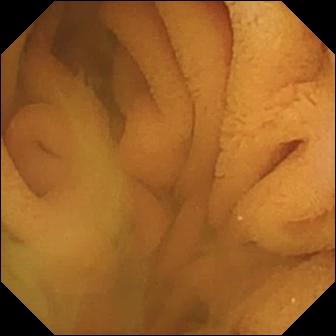modality: video capsule endoscopy
observation: normal clean mucosa